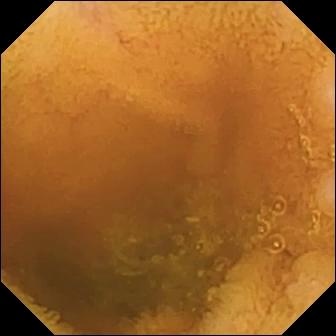VCE image, small intestine
Impression: normal clean mucosa